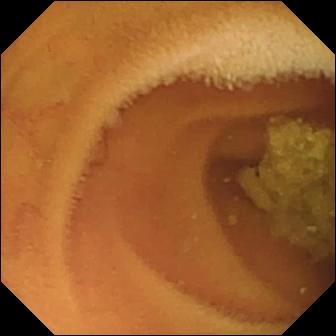modality: small-bowel capsule endoscopy | segment: small intestine | impression: normal clean mucosa